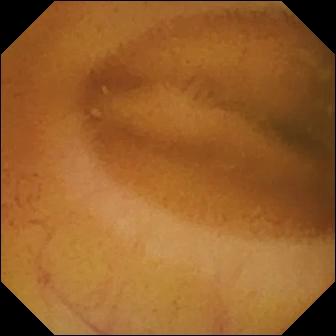Q: What does this small-bowel capsule endoscopy view show?
A: Normal clean mucosa.